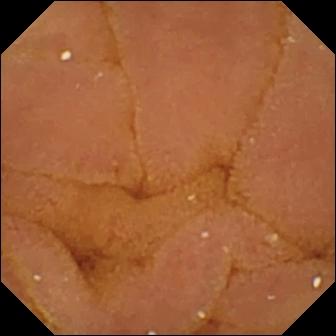Normal clean mucosa.